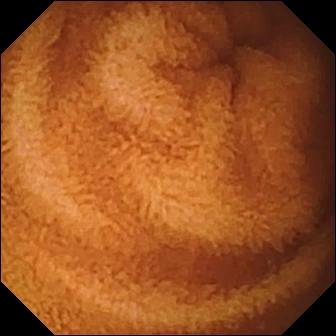Small-bowel capsule endoscopy — normal clean mucosa.